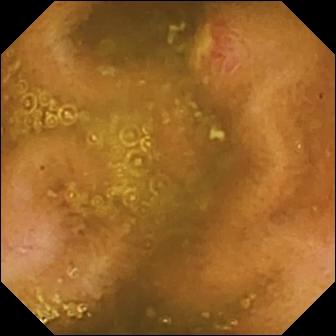Q: What does this VCE frame show?
A: Ulcer.